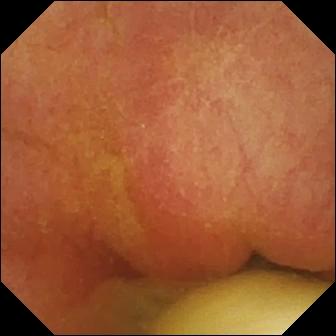WCE — foreign body (e.g. retained capsule, tablet residue).